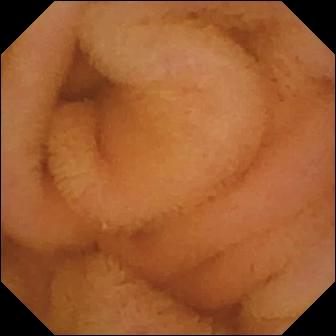Capsule endoscopy image of the small intestine showing normal clean mucosa.